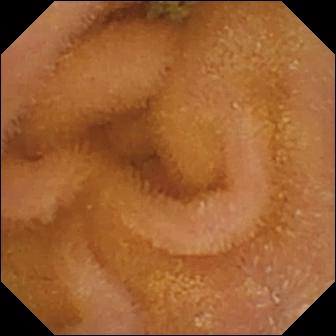Small-bowel capsule endoscopy — normal clean mucosa.